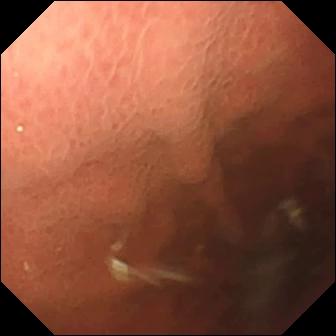Q: Where in the digestive tract was this wireless capsule endoscopy image taken?
A: Pylorus region.